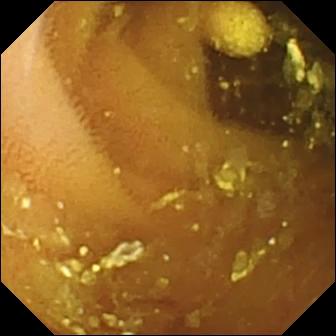PROCEDURE: WCE.
FINDINGS: Lymphangiectasia.